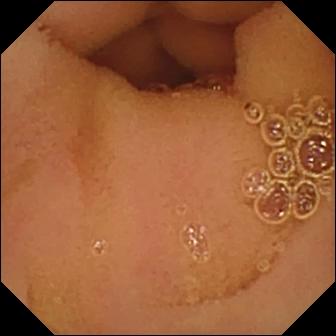{"modality": "small-bowel capsule endoscopy", "segment": "small intestine", "finding": "normal clean mucosa"}